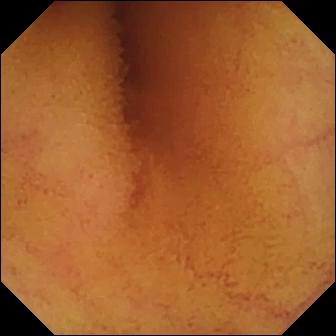Normal clean mucosa (336×336).